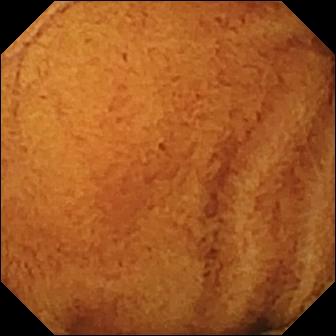VCE. Observation: normal clean mucosa.